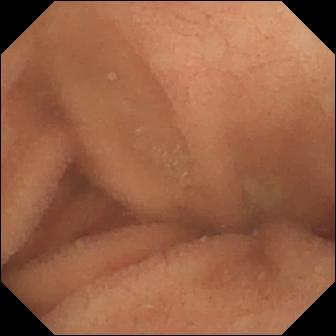WCE still
Observation: normal clean mucosa